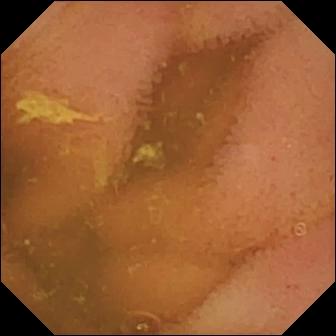WCE view (small intestine). Normal clean mucosa.